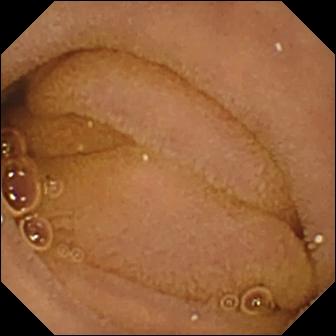- modality: VCE
- segment: small intestine
- finding: normal clean mucosa